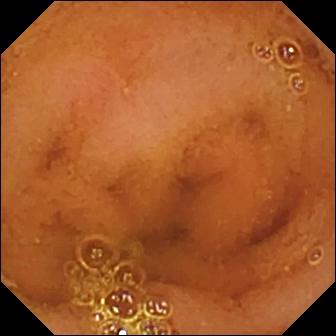Normal clean mucosa — capsule endoscopy still.